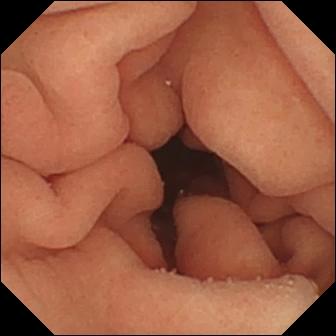WCE. Location: pylorus region (where the capsule passes from the stomach into the small bowel).